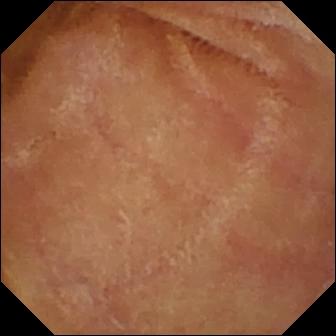Normal clean mucosa.